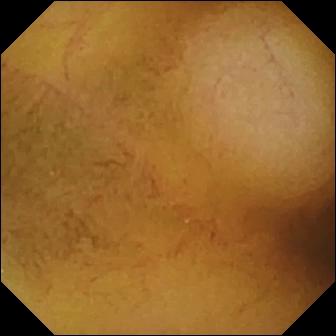Normal clean mucosa — wireless capsule endoscopy snapshot.